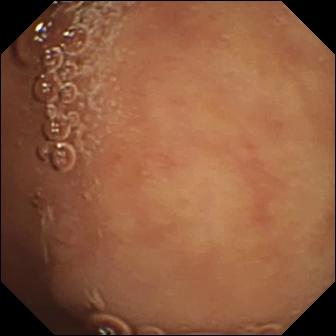modality: small-bowel capsule endoscopy; category: anatomical landmark; label: pylorus region